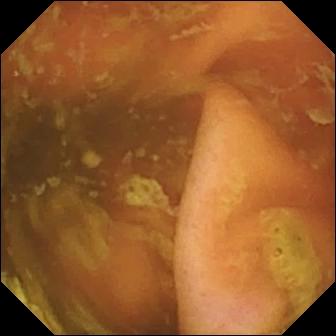PROCEDURE: WCE.
LOCATION: Ileo-cecal valve region.